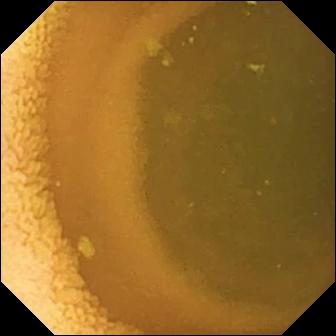- modality: VCE
- segment: small bowel
- category: luminal finding
- observation: normal clean mucosa